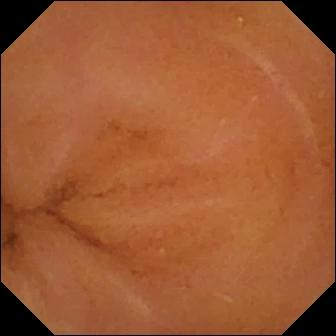Normal clean mucosa.